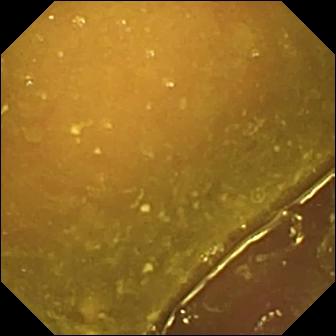Reduced mucosal view (content or bubbles obscuring the mucosa) — video capsule endoscopy snapshot of the small intestine.